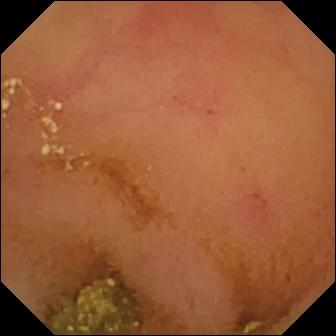Small-bowel capsule endoscopy — normal clean mucosa.